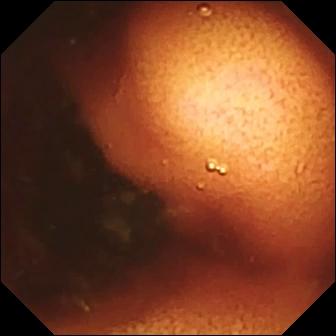modality: video capsule endoscopy
label: ileo-cecal valve region (the transition from the small bowel to the large bowel)